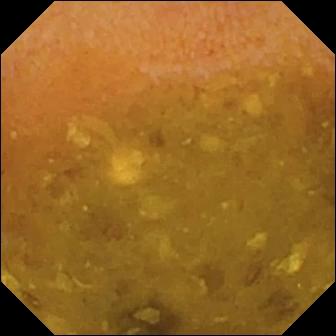modality: small-bowel capsule endoscopy | category: luminal finding | observation: reduced mucosal view (content or bubbles obscuring the mucosa)